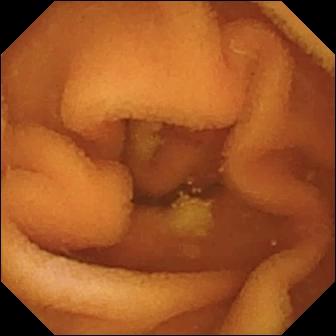WCE frame (small bowel). Normal clean mucosa.